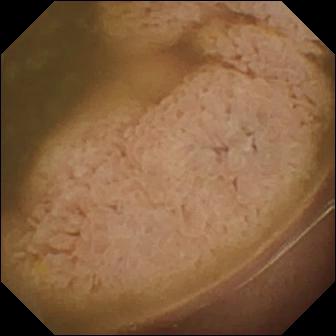Ileo-cecal valve region (where the capsule passes from the small bowel into the large bowel), 336×336.